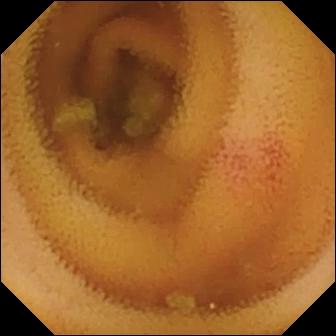Angiectasia — WCE image.